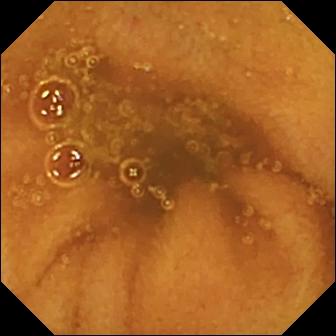WCE view (small intestine). Normal clean mucosa.